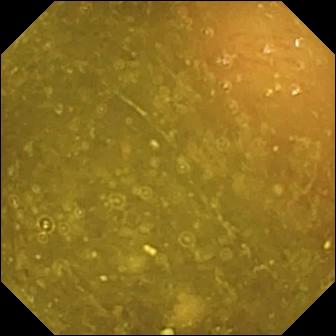Q: Where in the digestive tract was this capsule endoscopy view taken?
A: Ileo-cecal valve region (the transition from the small bowel to the large bowel).